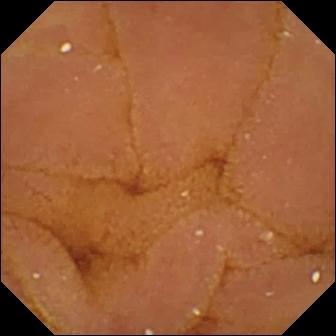- modality: small-bowel capsule endoscopy
- segment: small intestine
- observation: normal clean mucosa